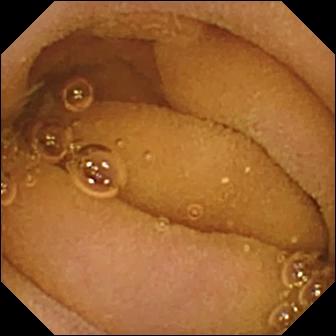PROCEDURE: Capsule endoscopy.
SEGMENT: Small intestine.
FINDINGS: Normal clean mucosa.